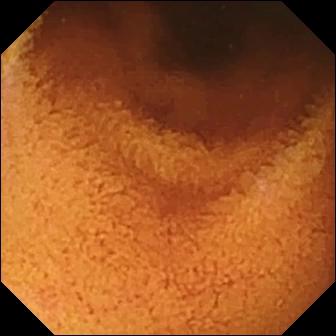Q: What does this small-bowel capsule endoscopy snapshot of the small bowel show?
A: Normal clean mucosa.